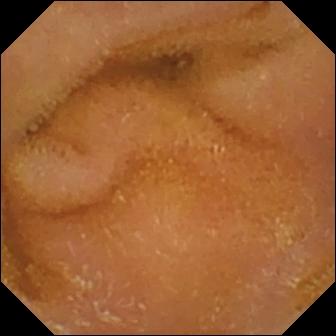modality: wireless capsule endoscopy
segment: small intestine
category: luminal finding
label: normal clean mucosa